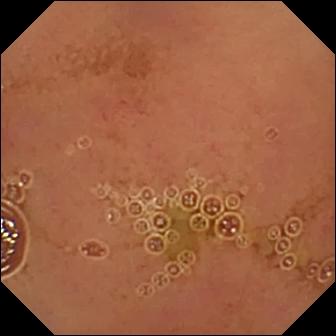PROCEDURE: Capsule endoscopy.
SEGMENT: Small intestine.
FINDINGS: Normal clean mucosa.